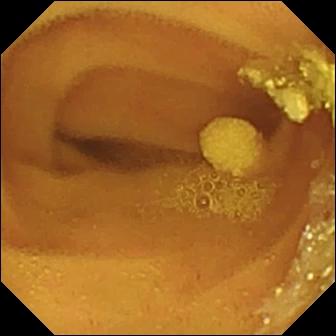Lymphangiectasia.